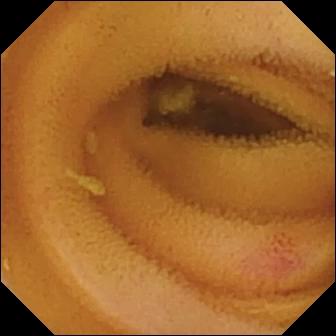Q: What does this capsule endoscopy image show?
A: Angiectasia.